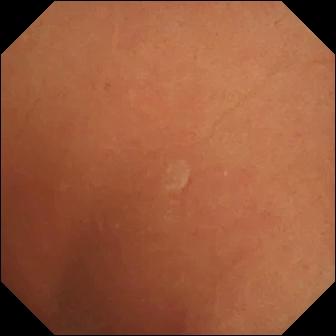{"modality": "VCE", "finding": "normal clean mucosa"}